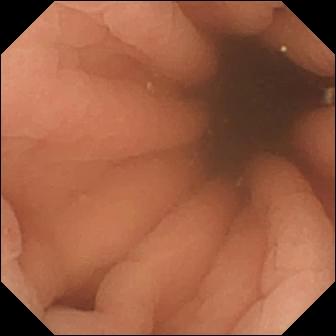Pylorus region.